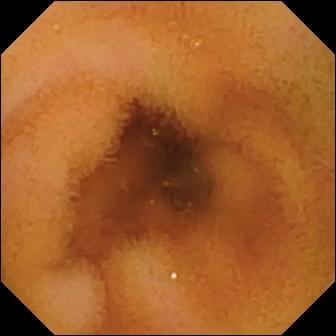{"modality": "small-bowel capsule endoscopy", "finding": "normal clean mucosa"}